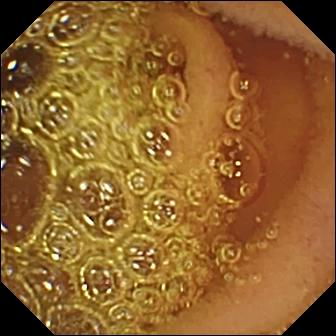{"modality": "video capsule endoscopy", "finding": "normal clean mucosa"}